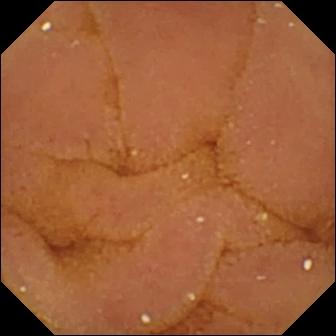Normal clean mucosa.